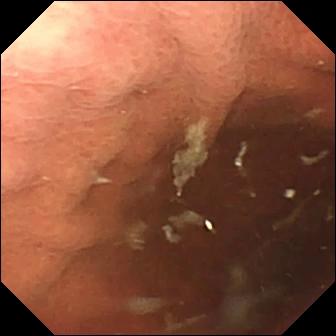WCE still, 336×336. Taken in the pylorus region (where the capsule passes from the stomach into the small bowel).